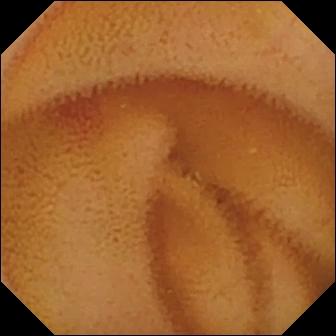Angiectasia — wireless capsule endoscopy snapshot.